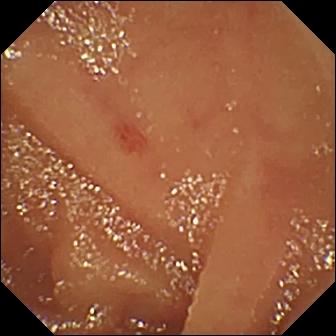modality: VCE
finding: angiectasia